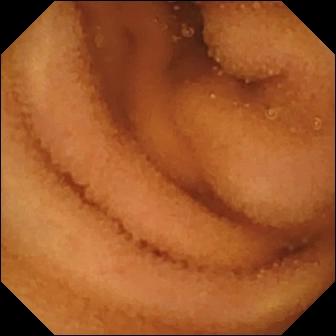Video capsule endoscopy still of the small bowel showing normal clean mucosa.